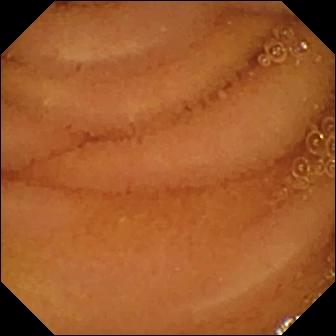WCE snapshot
Observation: normal clean mucosa